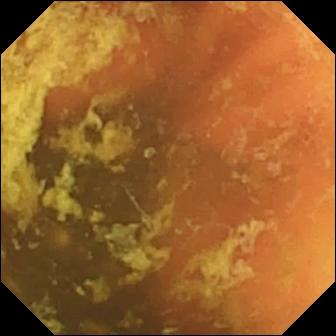- modality: video capsule endoscopy
- category: anatomical landmark
- position: ileo-cecal valve region (where the capsule passes from the small bowel into the large bowel)